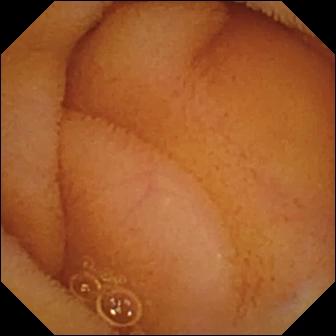- modality: wireless capsule endoscopy
- label: normal clean mucosa